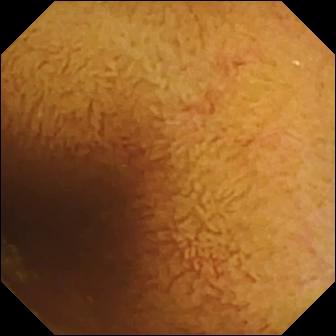- modality: WCE
- label: normal clean mucosa